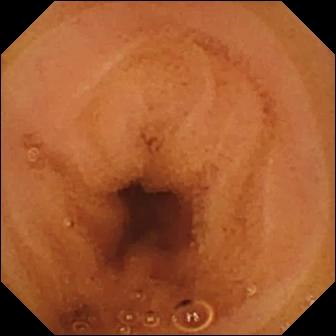- modality: wireless capsule endoscopy
- category: luminal finding
- impression: normal clean mucosa